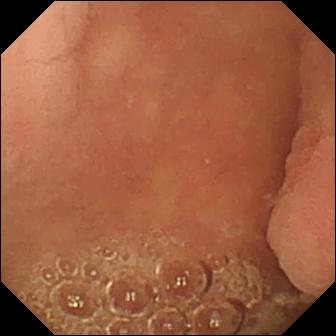Q: Where in the digestive tract was this capsule endoscopy snapshot taken?
A: Pylorus region (where the capsule passes from the stomach into the small bowel).